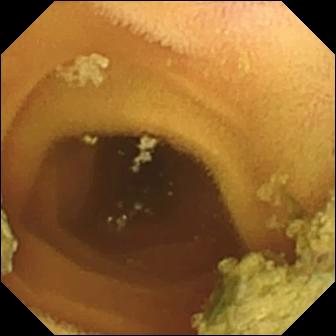modality: small-bowel capsule endoscopy; category: luminal finding; impression: normal clean mucosa